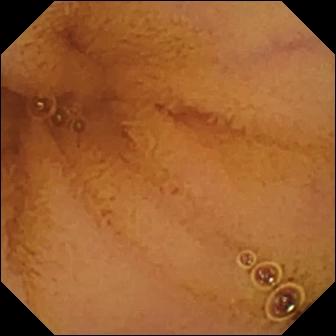PROCEDURE: Wireless capsule endoscopy.
SEGMENT: Small intestine.
FINDINGS: Normal clean mucosa.